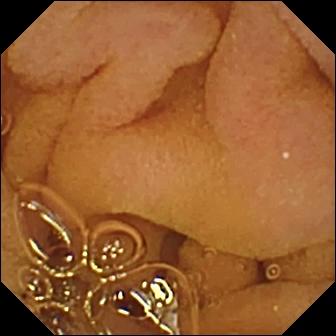Capsule endoscopy image showing normal clean mucosa.